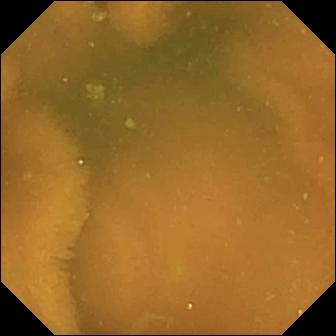Normal clean mucosa.